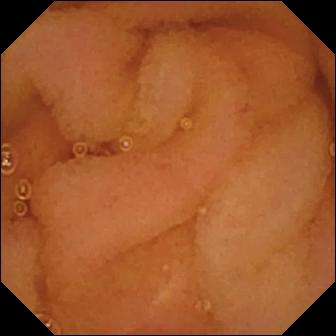VCE image, small intestine
Observation: normal clean mucosa